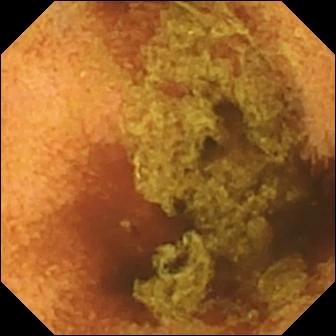modality: video capsule endoscopy; segment: small intestine; impression: normal clean mucosa